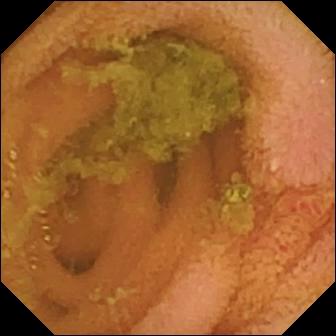VCE snapshot (small bowel). Normal clean mucosa.